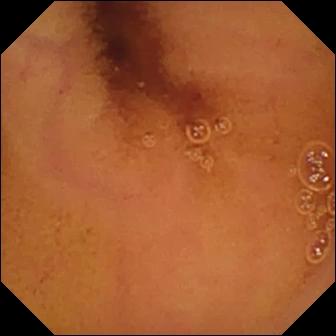{"modality": "video capsule endoscopy", "finding": "normal clean mucosa"}